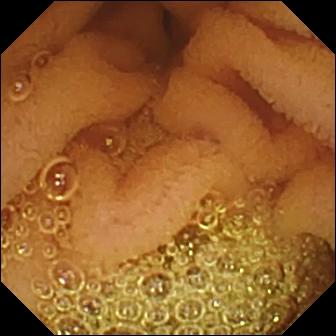Video capsule endoscopy view
Observation: normal clean mucosa